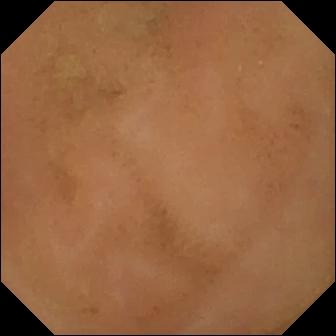Normal clean mucosa — VCE snapshot.